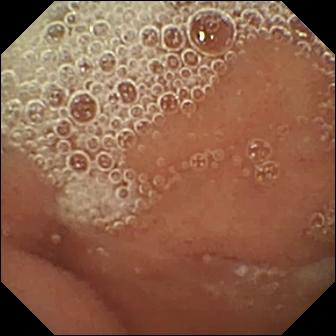{"modality": "capsule endoscopy", "finding": "normal clean mucosa"}